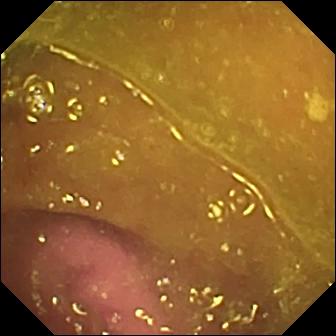{"modality": "small-bowel capsule endoscopy", "finding": "reduced mucosal view (content or bubbles obscuring the mucosa)"}